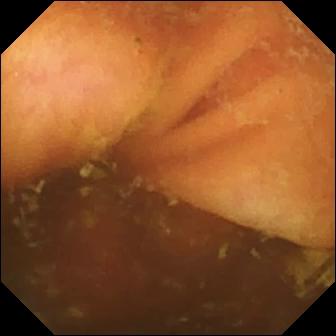Ileo-cecal valve region, 336×336.